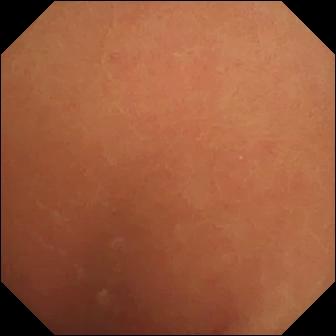{"modality": "small-bowel capsule endoscopy", "category": "luminal finding", "finding": "normal clean mucosa"}